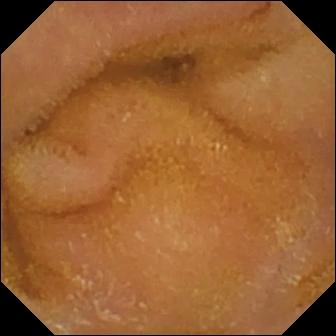{"modality": "capsule endoscopy", "category": "luminal finding", "finding": "normal clean mucosa"}